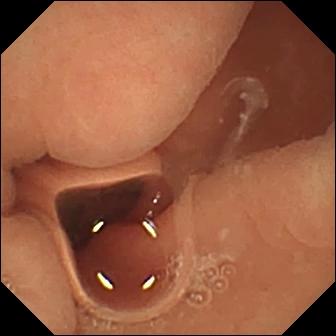Normal clean mucosa — video capsule endoscopy snapshot.